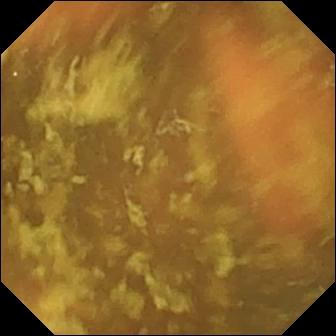Wireless capsule endoscopy snapshot taken in the ileo-cecal valve region.